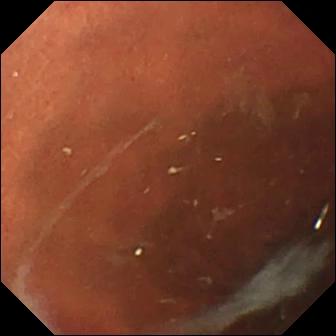This WCE still was taken in the pylorus region (the junction between the stomach and the small bowel).